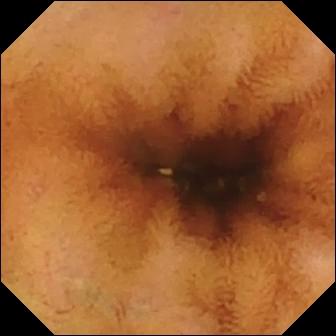This small-bowel capsule endoscopy image shows normal clean mucosa.